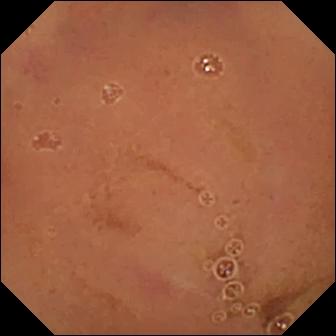- modality: WCE
- observation: normal clean mucosa